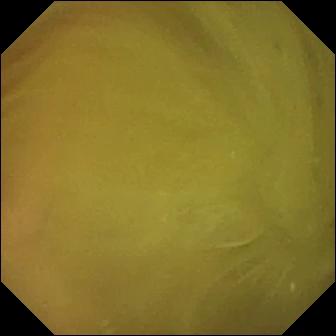Small-bowel capsule endoscopy. Small bowel. Luminal finding. Observation: normal clean mucosa.